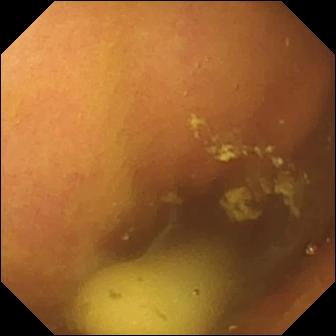WCE snapshot showing foreign body (e.g. retained capsule, tablet residue).